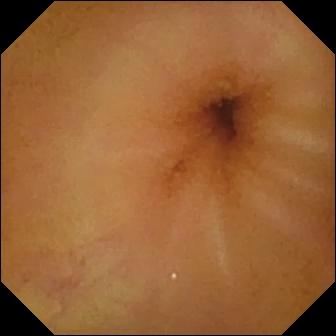VCE snapshot
Impression: normal clean mucosa